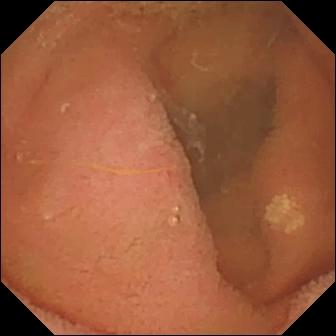Lymphangiectasia — capsule endoscopy image.